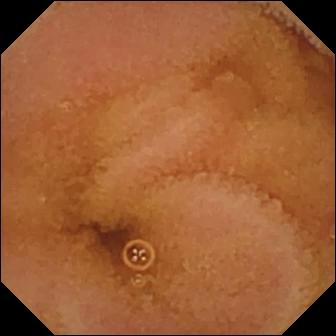Small-bowel capsule endoscopy frame (small bowel). Normal clean mucosa.